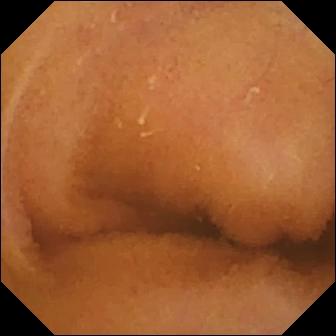VCE still. Normal clean mucosa.